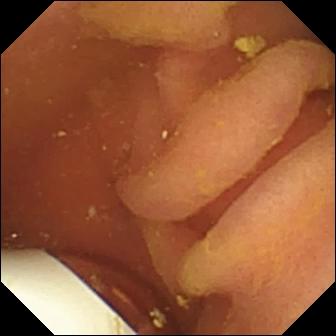Video capsule endoscopy. Impression: foreign body (e.g. retained capsule, tablet residue).